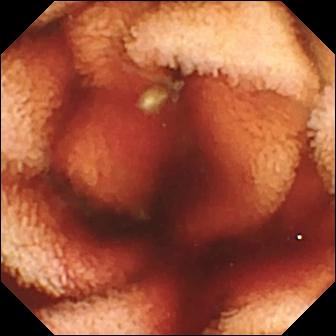Fresh blood in the lumen.